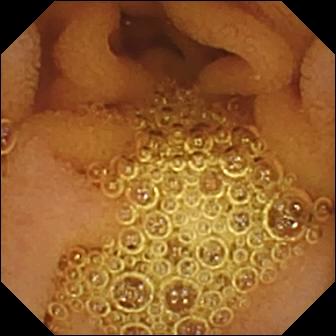Capsule endoscopy — normal clean mucosa.